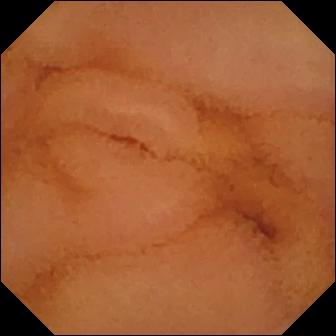- modality: wireless capsule endoscopy
- category: luminal finding
- impression: normal clean mucosa